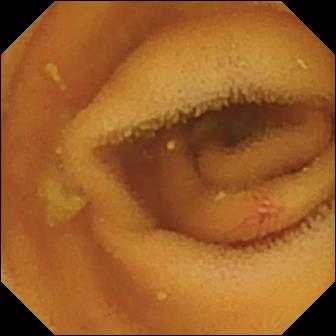Wireless capsule endoscopy — angiectasia.